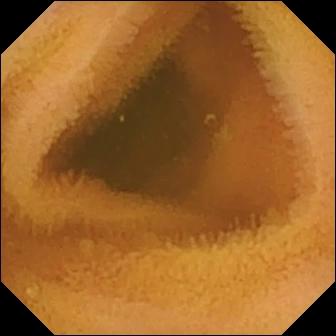Wireless capsule endoscopy frame (small bowel), 336×336. Normal clean mucosa.